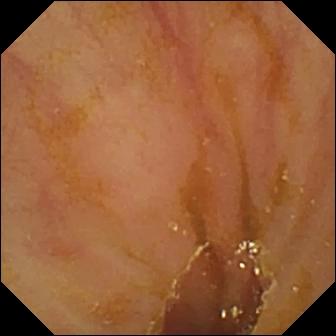modality: small-bowel capsule endoscopy
category: anatomical landmark
label: ileo-cecal valve region (where the capsule passes from the small bowel into the large bowel)